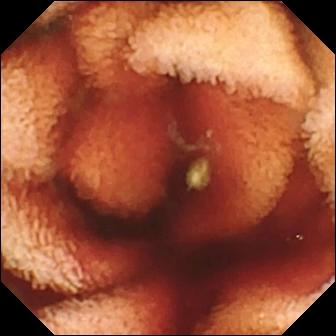Video capsule endoscopy — fresh blood in the lumen.